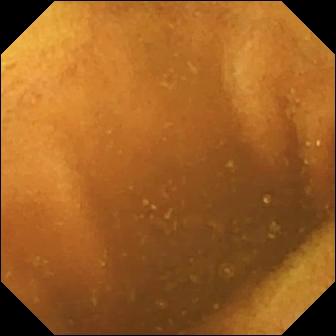WCE. Small intestine. Finding: normal clean mucosa.